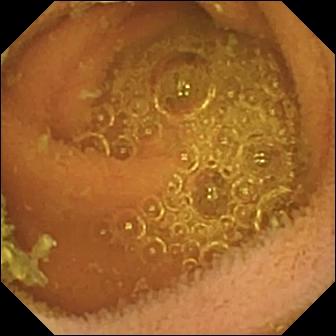PROCEDURE: Video capsule endoscopy.
SEGMENT: Small intestine.
FINDINGS: Normal clean mucosa.